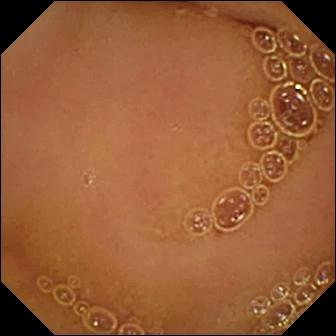WCE still
Impression: normal clean mucosa